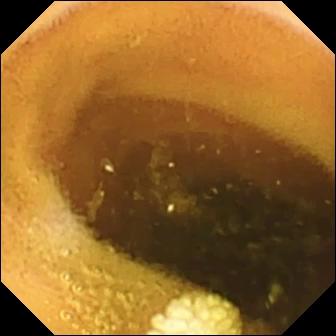Q: What does this capsule endoscopy image show?
A: Lymphangiectasia.